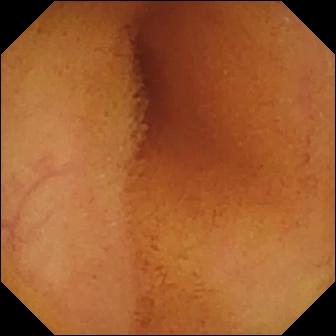Capsule endoscopy image, 336×336. Normal clean mucosa.